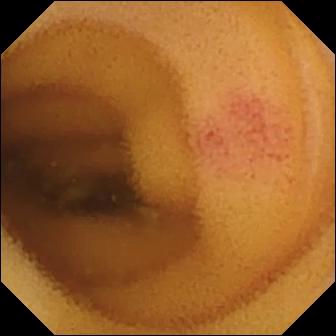This video capsule endoscopy still shows angiectasia.